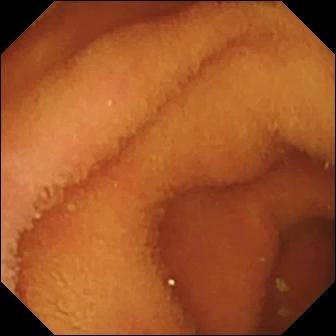- modality: video capsule endoscopy
- segment: small bowel
- label: normal clean mucosa